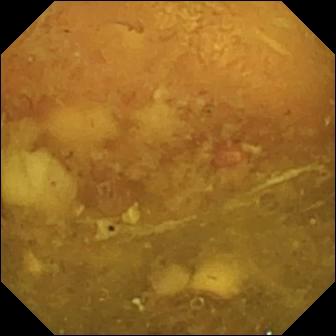WCE snapshot, small bowel
Label: reduced mucosal view (content or bubbles obscuring the mucosa)